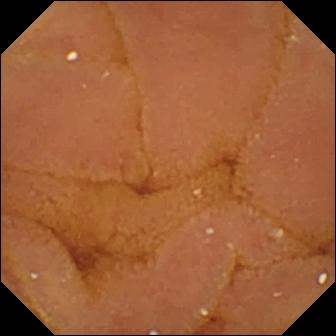PROCEDURE: Capsule endoscopy.
SEGMENT: Small bowel.
FINDINGS: Normal clean mucosa.